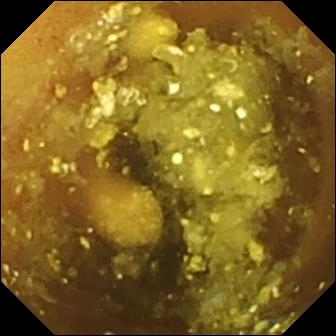{"modality": "VCE", "finding": "lymphangiectasia"}